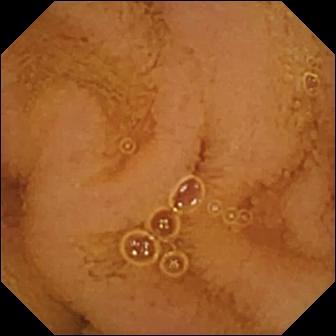VCE — normal clean mucosa.